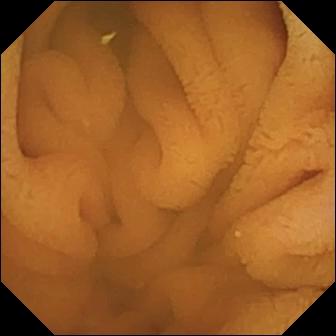PROCEDURE: Video capsule endoscopy.
SEGMENT: Small bowel.
FINDINGS: Normal clean mucosa.